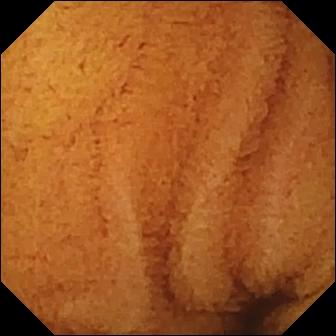Small-bowel capsule endoscopy snapshot of the small bowel showing normal clean mucosa.